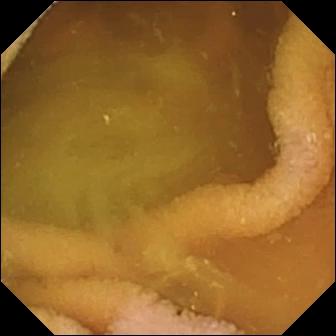Small-bowel capsule endoscopy still showing normal clean mucosa.